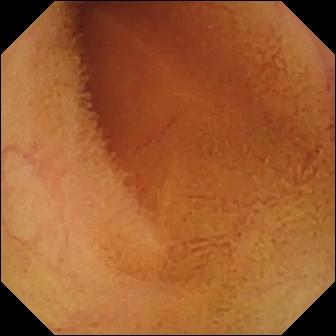modality: wireless capsule endoscopy | category: luminal finding | finding: normal clean mucosa